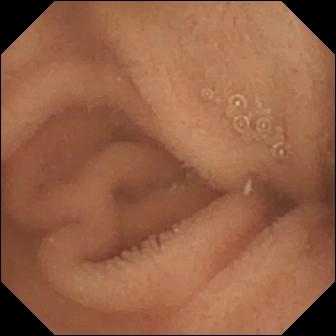WCE view, small intestine
Label: normal clean mucosa